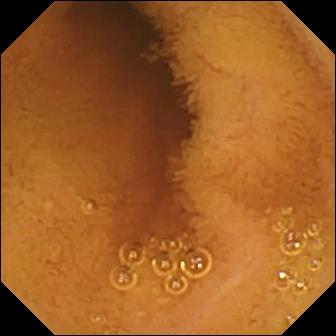Wireless capsule endoscopy view (small intestine). Normal clean mucosa.